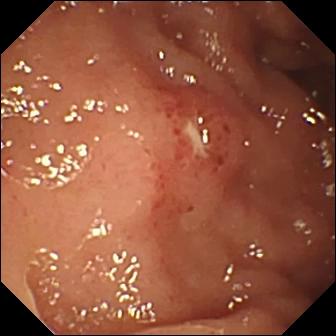Capsule endoscopy snapshot. Ulcer.